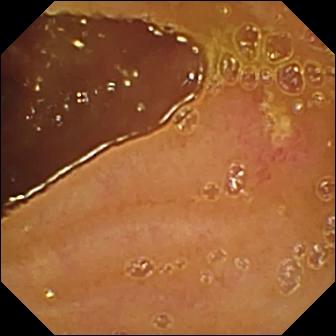Q: What does this video capsule endoscopy still show?
A: Ulcer.